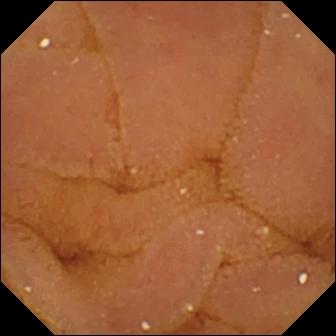modality: VCE; observation: normal clean mucosa